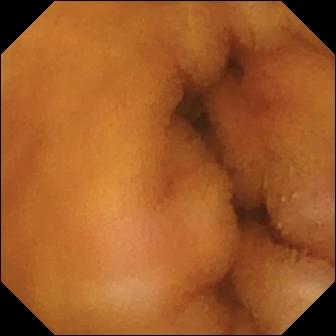{"modality": "wireless capsule endoscopy", "segment": "small bowel", "category": "luminal finding", "finding": "normal clean mucosa"}